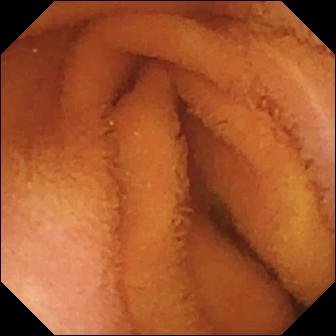{"modality": "capsule endoscopy", "category": "luminal finding", "finding": "normal clean mucosa"}